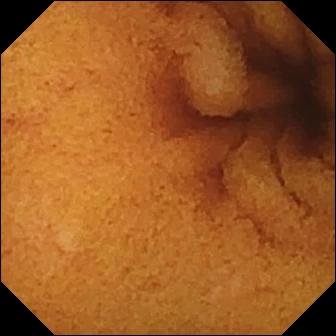WCE — normal clean mucosa.